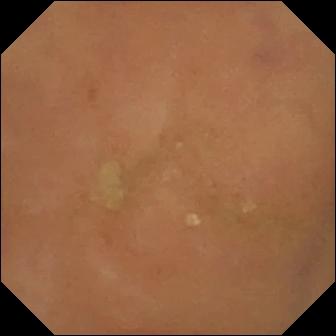PROCEDURE: Video capsule endoscopy.
FINDINGS: Normal clean mucosa.